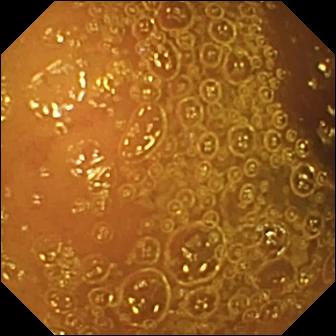Capsule endoscopy. Small intestine. Observation: normal clean mucosa.